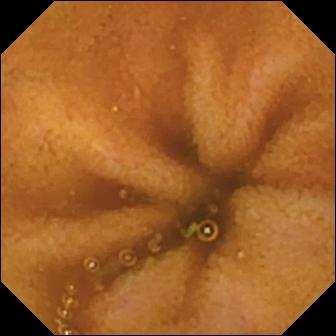PROCEDURE: Video capsule endoscopy.
FINDINGS: Normal clean mucosa.